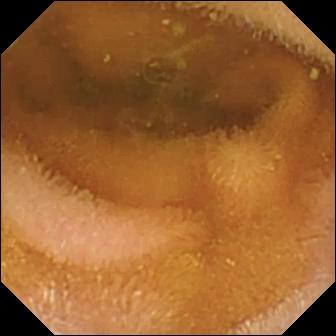Capsule endoscopy view (small intestine). Normal clean mucosa.